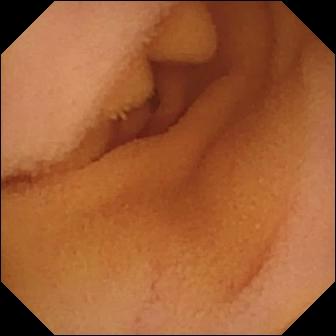{"modality": "VCE", "segment": "small bowel", "finding": "normal clean mucosa"}